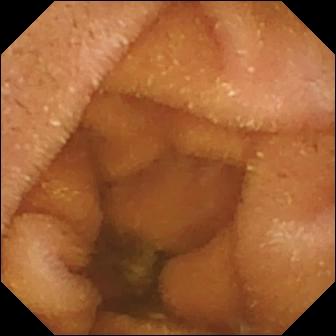Video capsule endoscopy still (small intestine). Normal clean mucosa.